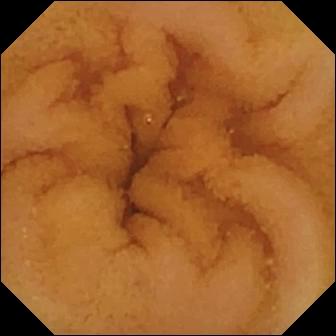Q: What does this WCE image of the small intestine show?
A: Normal clean mucosa.